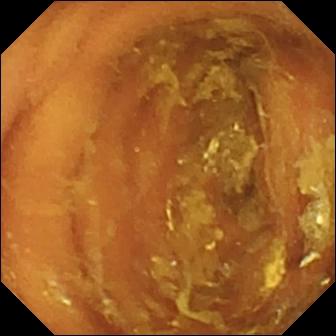Normal clean mucosa — capsule endoscopy view of the small bowel.